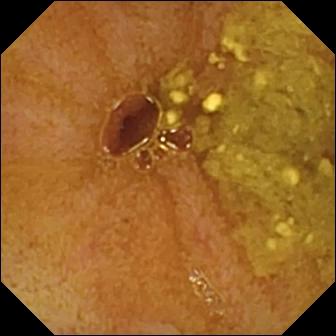PROCEDURE: Wireless capsule endoscopy.
POSITION: Ileo-cecal valve region (where the capsule passes from the small bowel into the large bowel).